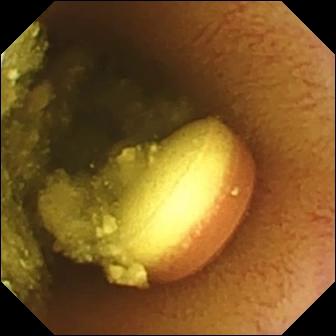Foreign body (e.g. retained capsule, tablet residue).